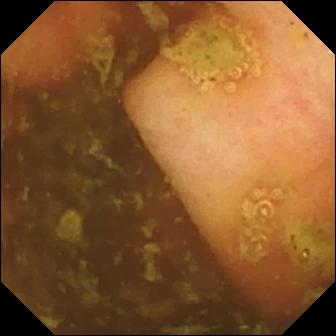Ileo-cecal valve region (the transition from the small bowel to the large bowel) — small-bowel capsule endoscopy view.